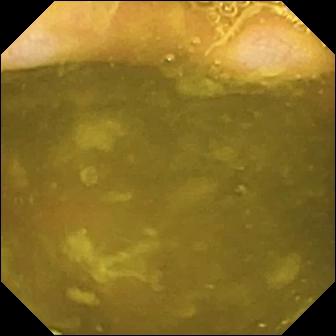{"modality": "video capsule endoscopy", "category": "anatomical landmark", "position": "ileo-cecal valve region (the transition from the small bowel to the large bowel)"}